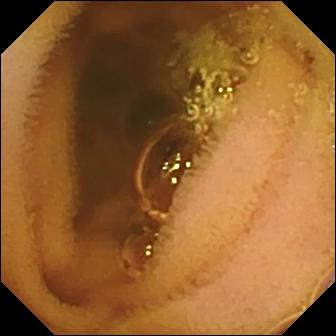Wireless capsule endoscopy frame showing normal clean mucosa.